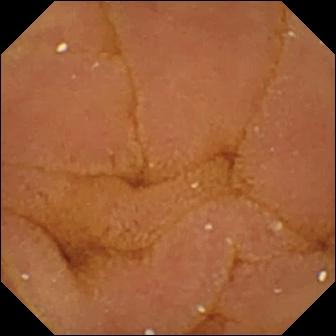Normal clean mucosa.